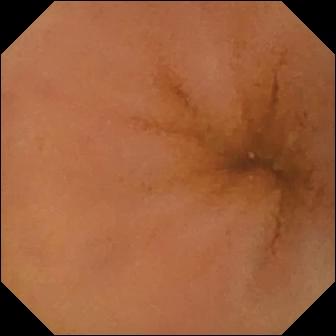Video capsule endoscopy — normal clean mucosa.